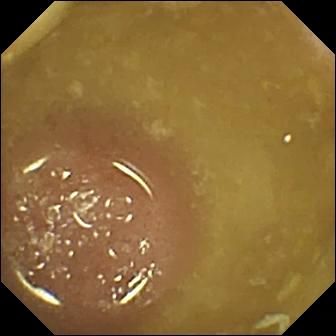PROCEDURE: Capsule endoscopy.
LOCATION: Ileo-cecal valve region (where the capsule passes from the small bowel into the large bowel).